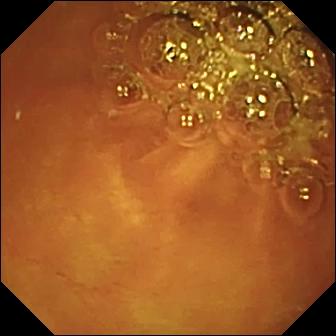WCE image, small intestine
Impression: normal clean mucosa